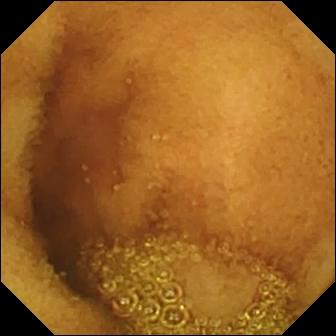Q: What does this VCE still show?
A: Normal clean mucosa.